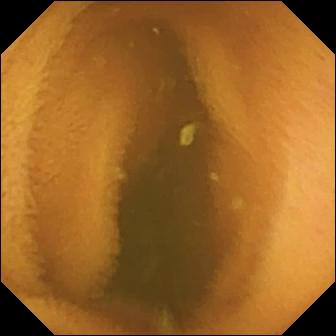VCE frame, small bowel
Observation: normal clean mucosa